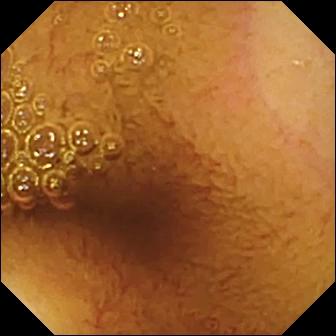Video capsule endoscopy. Small bowel. Impression: normal clean mucosa.